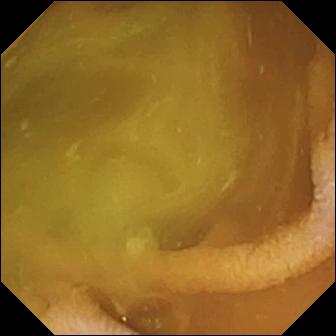Normal clean mucosa.